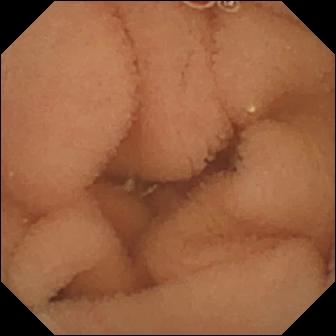Video capsule endoscopy snapshot (small bowel), 336×336. Normal clean mucosa.